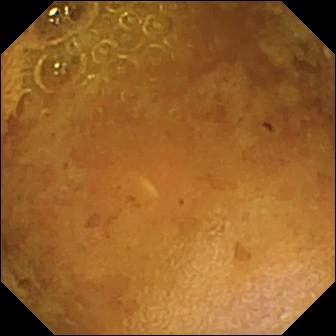Reduced mucosal view (content or bubbles obscuring the mucosa) — small-bowel capsule endoscopy snapshot.